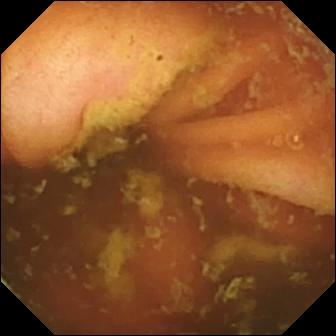Ileo-cecal valve region — VCE image.